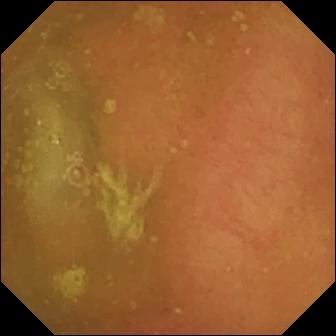Normal clean mucosa.